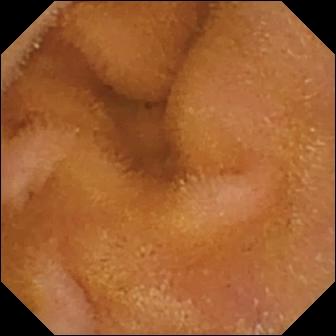Wireless capsule endoscopy view
Label: normal clean mucosa